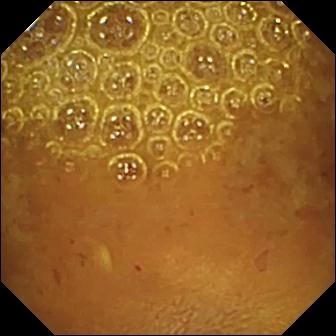Small-bowel capsule endoscopy frame (small bowel). Reduced mucosal view (content or bubbles obscuring the mucosa).